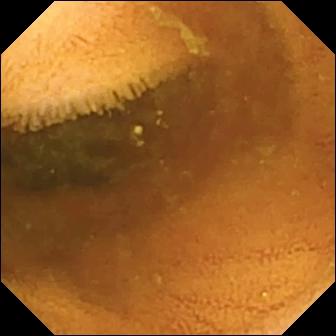{"modality": "wireless capsule endoscopy", "finding": "normal clean mucosa"}